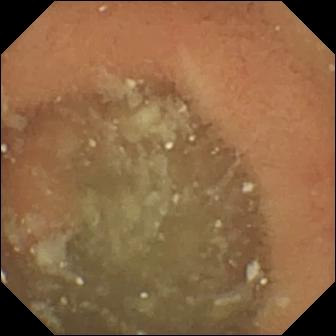{"modality": "small-bowel capsule endoscopy", "segment": "small intestine", "finding": "normal clean mucosa"}